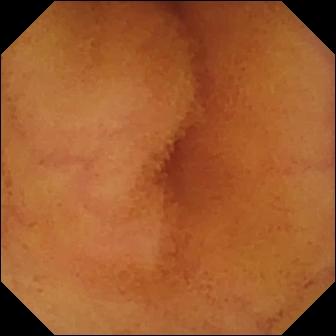WCE. Small intestine. Observation: normal clean mucosa.